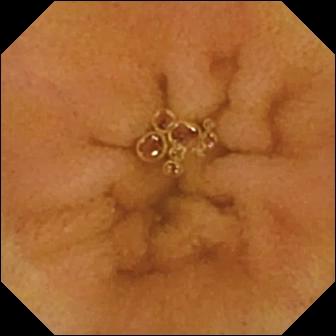PROCEDURE: Video capsule endoscopy.
FINDINGS: Normal clean mucosa.